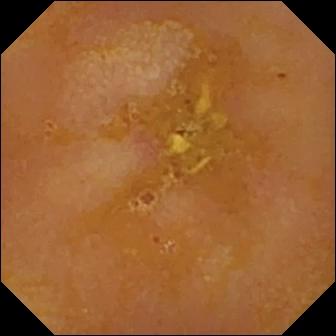- modality: VCE
- category: luminal finding
- finding: reduced mucosal view (content or bubbles obscuring the mucosa)